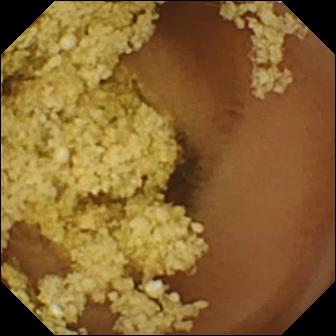- modality: video capsule endoscopy
- segment: small intestine
- label: normal clean mucosa